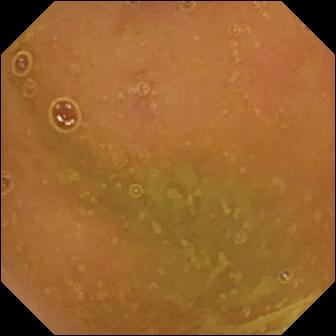PROCEDURE: Video capsule endoscopy.
SEGMENT: Small bowel.
FINDINGS: Normal clean mucosa.